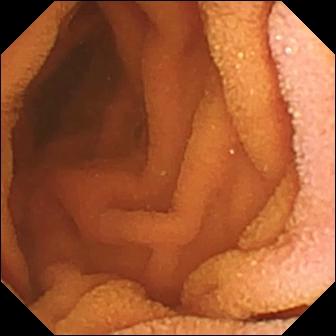{"modality": "capsule endoscopy", "segment": "small intestine", "finding": "normal clean mucosa"}